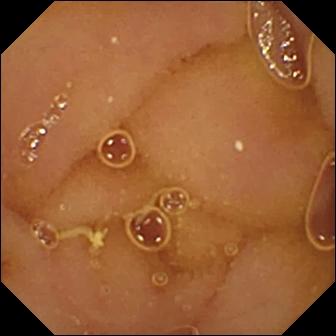VCE still showing normal clean mucosa.